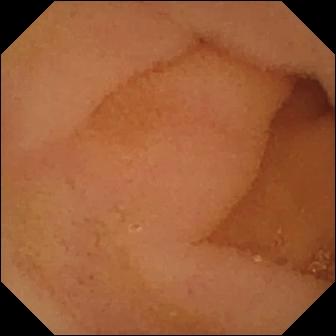PROCEDURE: Capsule endoscopy.
SEGMENT: Small intestine.
FINDINGS: Normal clean mucosa.